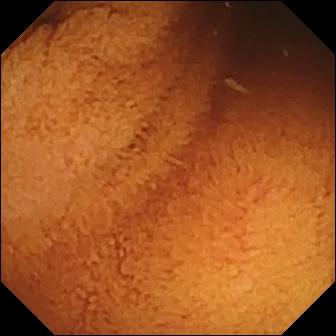{"modality": "VCE", "segment": "small intestine", "finding": "normal clean mucosa"}